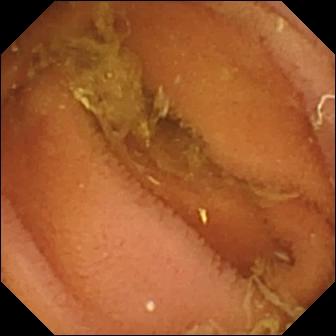PROCEDURE: Video capsule endoscopy.
SEGMENT: Small intestine.
FINDINGS: Normal clean mucosa.